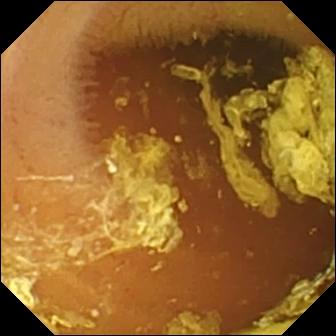WCE — normal clean mucosa.